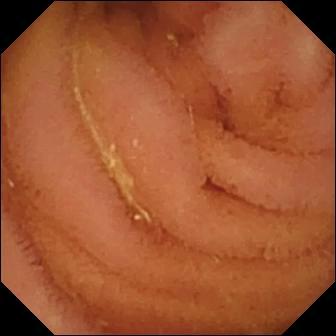{"modality": "capsule endoscopy", "finding": "normal clean mucosa"}